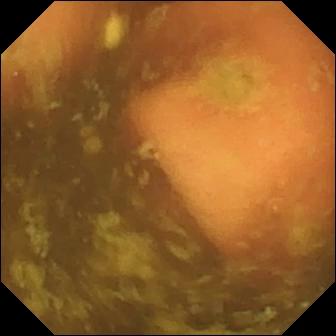Ileo-cecal valve region — VCE snapshot.